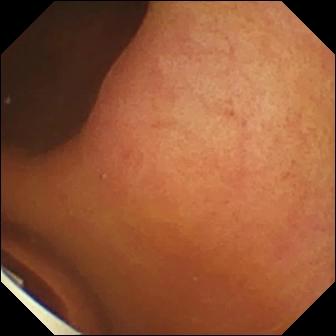Q: What does this capsule endoscopy view show?
A: Foreign body (e.g. retained capsule, tablet residue).